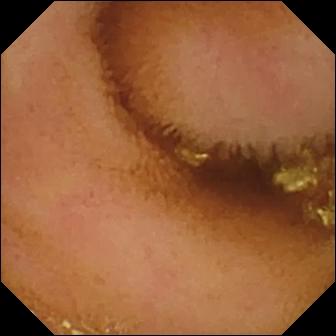VCE image
Impression: normal clean mucosa